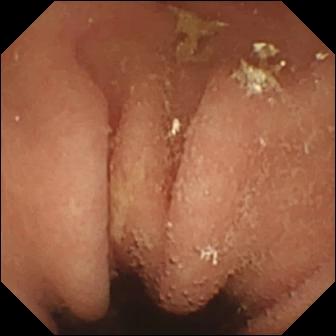This video capsule endoscopy view was taken in the pylorus region (the junction between the stomach and the small bowel).